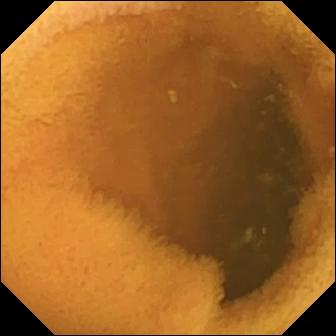Video capsule endoscopy — normal clean mucosa.